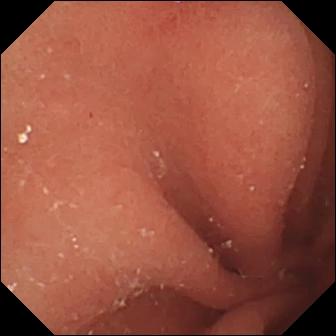Wireless capsule endoscopy — erosion.